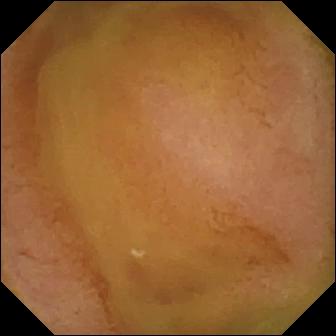Video capsule endoscopy image, small intestine
Finding: normal clean mucosa